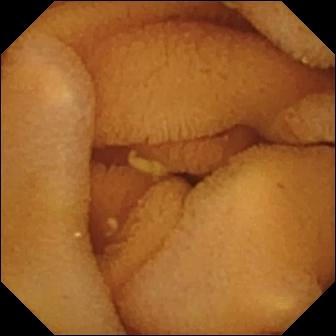VCE image of the small bowel showing normal clean mucosa.